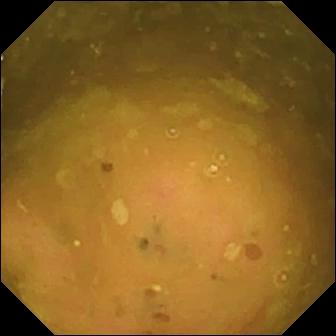{"modality": "WCE", "location": "ileo-cecal valve region (the transition from the small bowel to the large bowel)"}